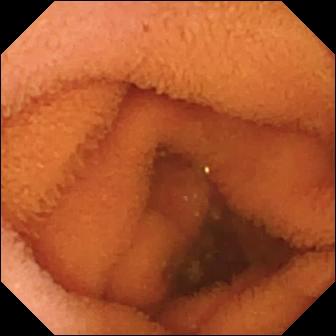Video capsule endoscopy frame (small intestine). Normal clean mucosa.